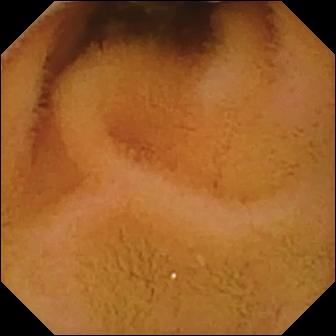Small-bowel capsule endoscopy. Impression: normal clean mucosa.